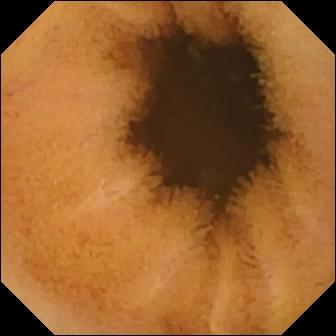VCE. Impression: normal clean mucosa.